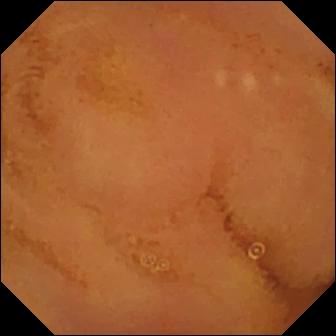VCE image, 336×336. Normal clean mucosa.